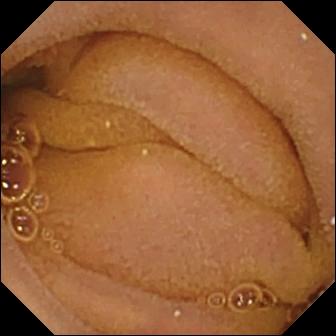VCE — normal clean mucosa.